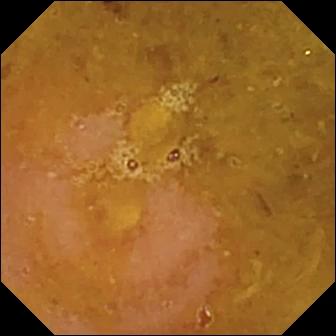Q: What does this video capsule endoscopy still of the small bowel show?
A: Reduced mucosal view (content or bubbles obscuring the mucosa).